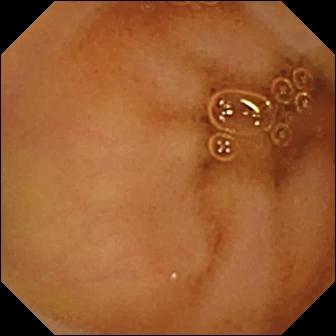modality: small-bowel capsule endoscopy; segment: small intestine; label: normal clean mucosa